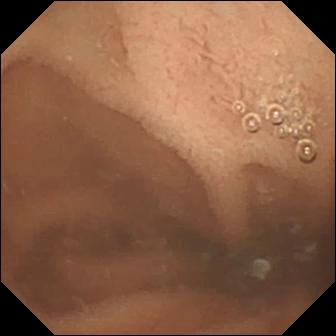Normal clean mucosa.